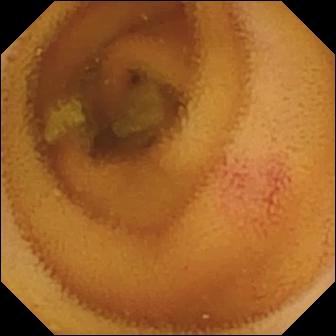Angiectasia — small-bowel capsule endoscopy snapshot.